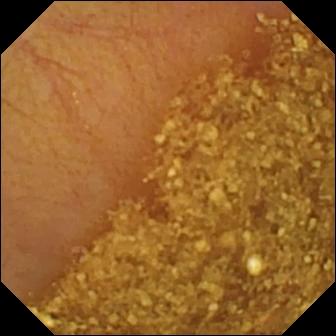{"modality": "small-bowel capsule endoscopy", "location": "ileo-cecal valve region (the transition from the small bowel to the large bowel)"}